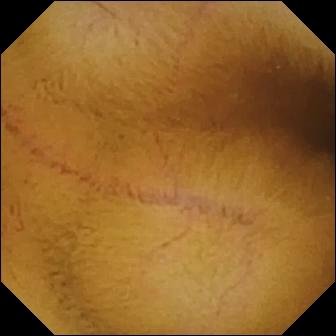modality: wireless capsule endoscopy
segment: small bowel
finding: normal clean mucosa